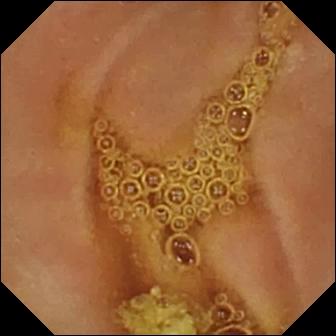modality: capsule endoscopy | segment: small intestine | category: luminal finding | impression: normal clean mucosa